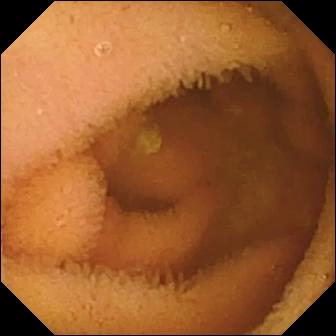- modality: wireless capsule endoscopy
- segment: small bowel
- category: luminal finding
- impression: normal clean mucosa